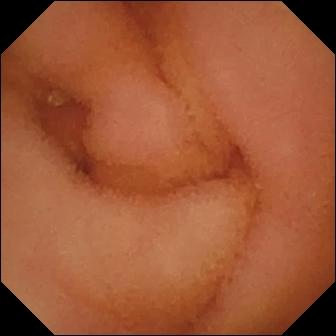VCE. Label: normal clean mucosa.